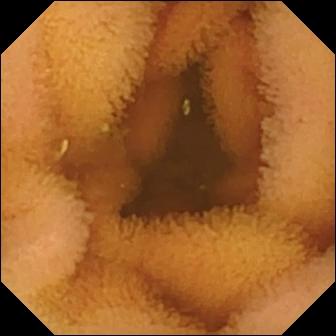This WCE view shows normal clean mucosa.